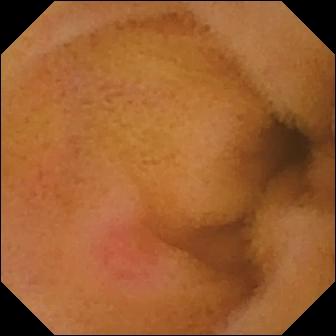modality: WCE
observation: erythema (mucosal redness)